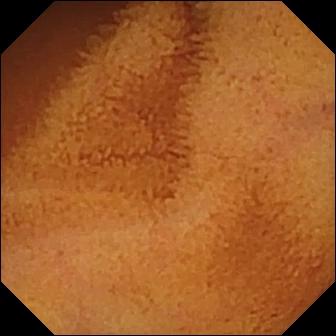modality: capsule endoscopy
observation: normal clean mucosa